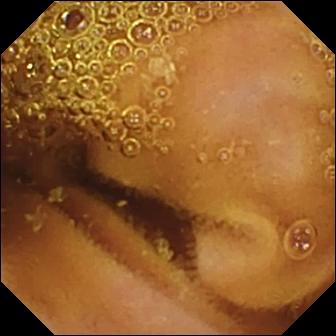This wireless capsule endoscopy still of the small bowel shows normal clean mucosa.